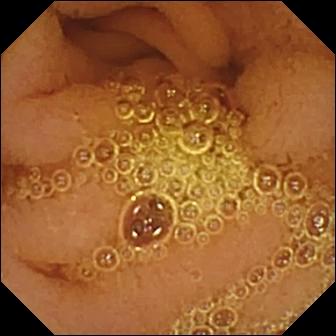{"modality": "WCE", "segment": "small bowel", "finding": "normal clean mucosa"}